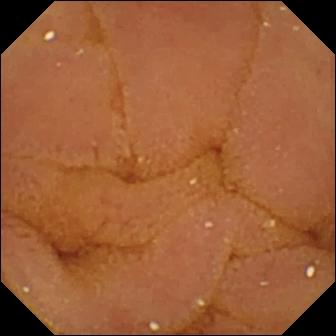Capsule endoscopy — normal clean mucosa.